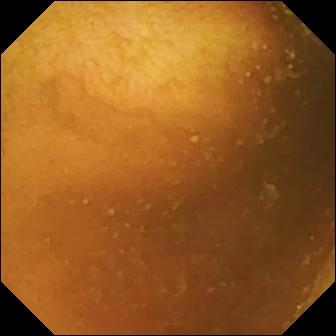modality: video capsule endoscopy
segment: small intestine
label: normal clean mucosa